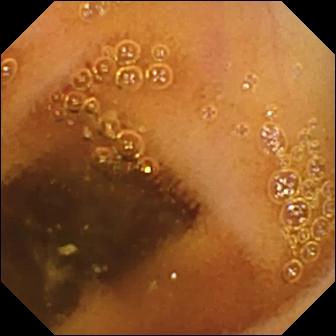{"modality": "video capsule endoscopy", "finding": "normal clean mucosa"}